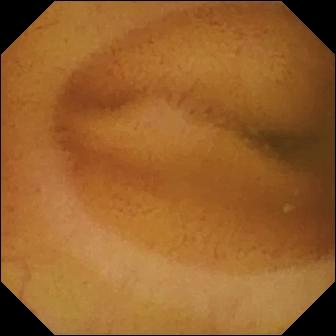WCE frame of the small intestine showing normal clean mucosa.